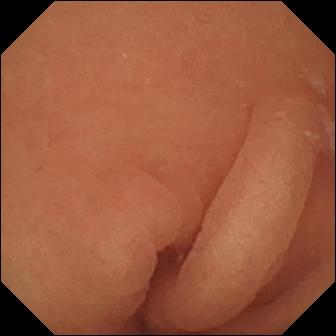{"modality": "capsule endoscopy", "finding": "normal clean mucosa"}